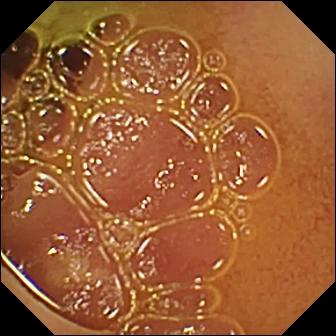This WCE snapshot of the small bowel shows normal clean mucosa.